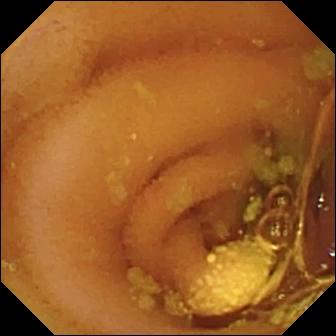This video capsule endoscopy frame shows lymphangiectasia.